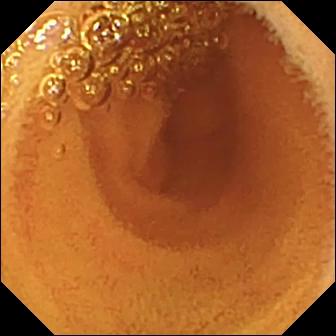VCE view
Label: normal clean mucosa